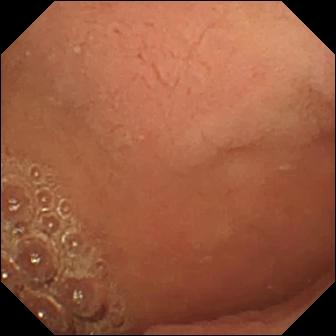WCE frame taken in the pylorus region.